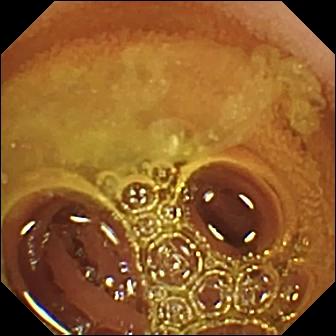Wireless capsule endoscopy — normal clean mucosa.